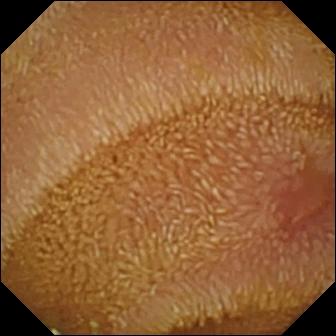Small-bowel capsule endoscopy still showing erosion.